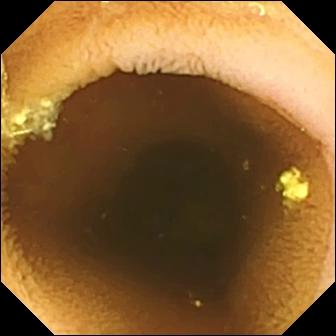Q: What does this WCE view show?
A: Normal clean mucosa.